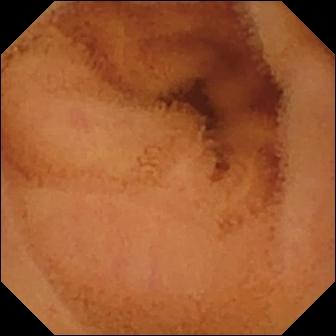{"modality": "WCE", "segment": "small bowel", "finding": "normal clean mucosa"}